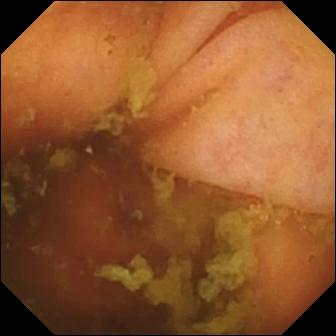PROCEDURE: Wireless capsule endoscopy.
LOCATION: Ileo-cecal valve region (the transition from the small bowel to the large bowel).